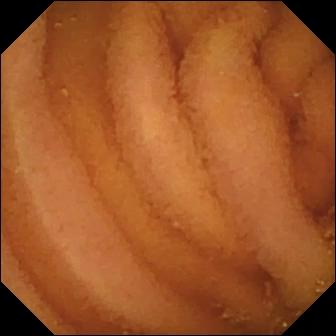Normal clean mucosa (336×336).